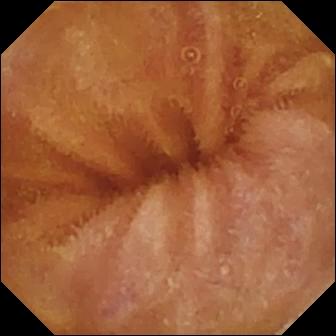modality: small-bowel capsule endoscopy; finding: normal clean mucosa